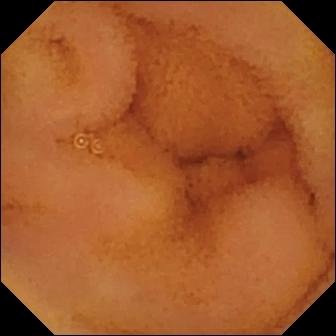Normal clean mucosa.